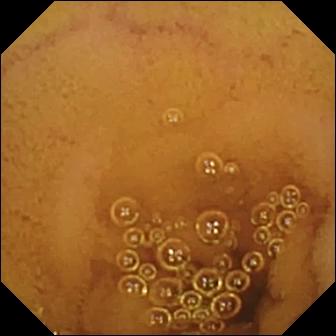WCE view. Normal clean mucosa.